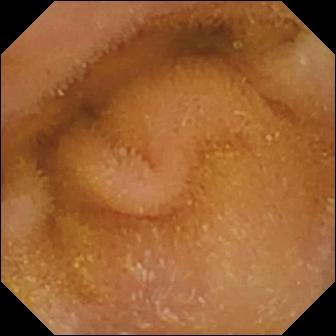Wireless capsule endoscopy frame, 336×336. Normal clean mucosa.